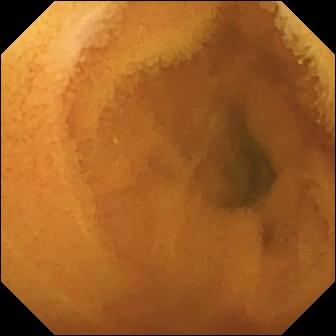{"modality": "WCE", "segment": "small bowel", "finding": "normal clean mucosa"}